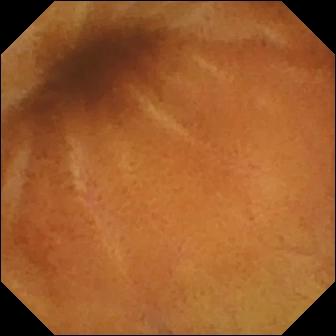Normal clean mucosa — video capsule endoscopy still of the small intestine.